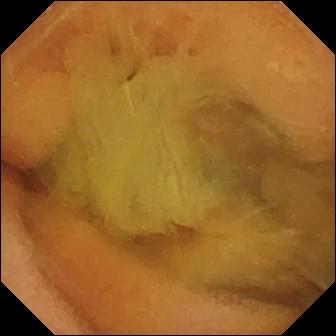Normal clean mucosa — video capsule endoscopy image.